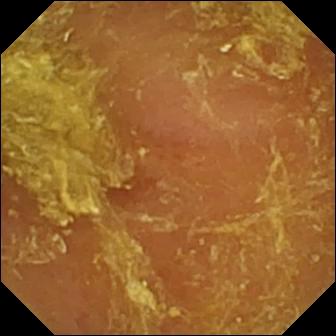modality: capsule endoscopy | observation: reduced mucosal view (content or bubbles obscuring the mucosa)